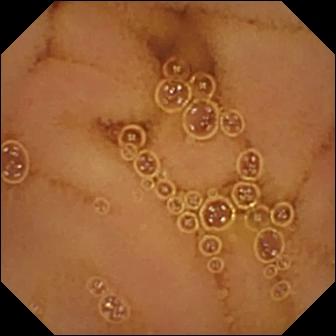- modality: capsule endoscopy
- segment: small bowel
- finding: normal clean mucosa